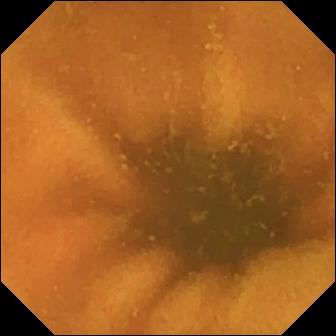Q: What does this video capsule endoscopy view show?
A: Normal clean mucosa.